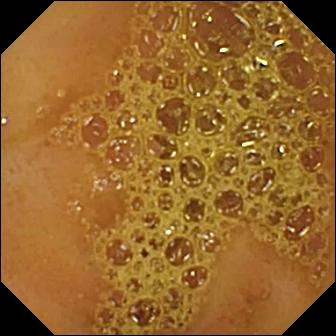Q: Where in the digestive tract was this wireless capsule endoscopy snapshot taken?
A: Ileo-cecal valve region (the transition from the small bowel to the large bowel).